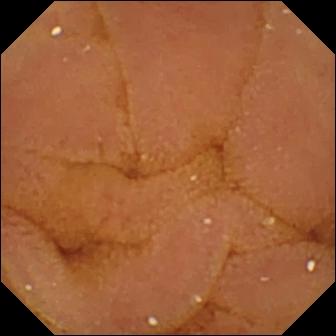modality: small-bowel capsule endoscopy
impression: normal clean mucosa